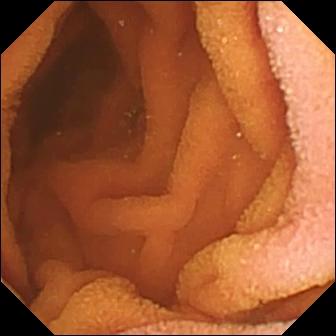Wireless capsule endoscopy snapshot
Finding: normal clean mucosa